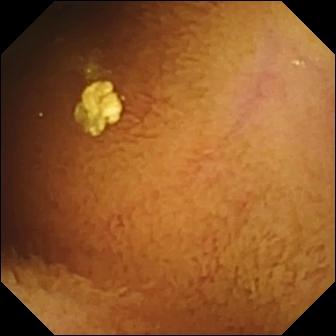This WCE view of the small bowel shows normal clean mucosa.